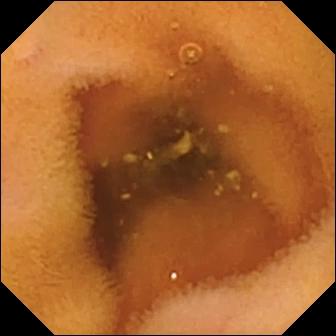Wireless capsule endoscopy view
Observation: normal clean mucosa